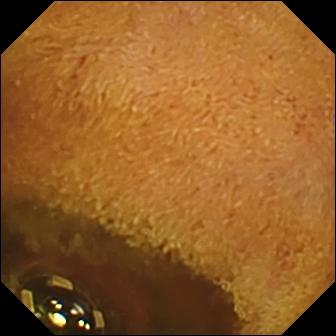Small-bowel capsule endoscopy. Label: foreign body (e.g. retained capsule, tablet residue).